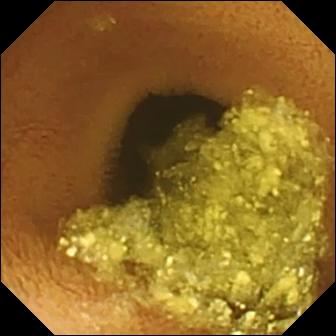This VCE image shows normal clean mucosa.